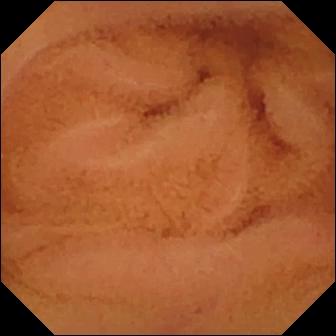Q: What does this VCE frame show?
A: Normal clean mucosa.